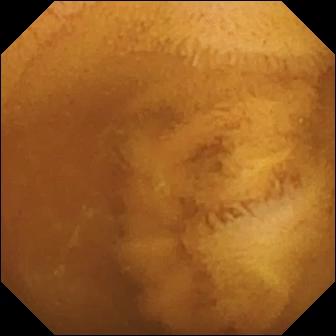Normal clean mucosa — capsule endoscopy image.